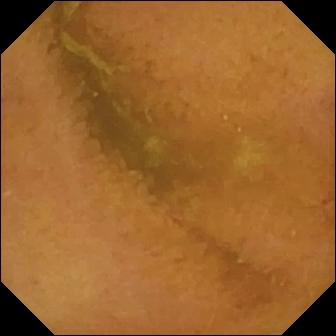Q: What does this WCE snapshot show?
A: Normal clean mucosa.